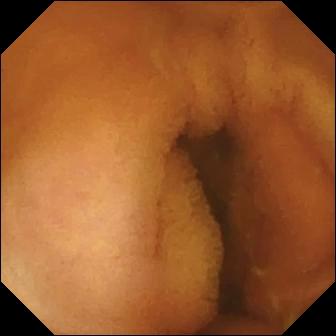{"modality": "video capsule endoscopy", "segment": "small bowel", "finding": "normal clean mucosa"}